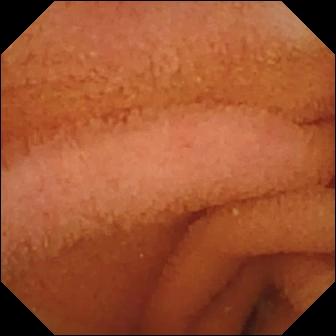This capsule endoscopy view of the small intestine shows normal clean mucosa.